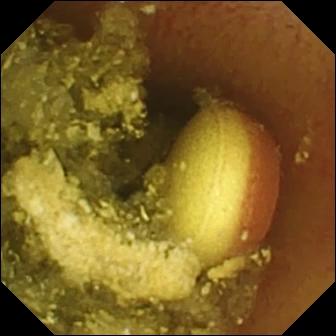- modality: VCE
- observation: foreign body (e.g. retained capsule, tablet residue)